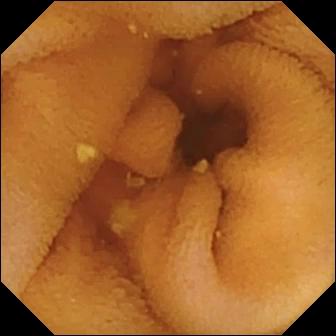Video capsule endoscopy frame
Label: normal clean mucosa